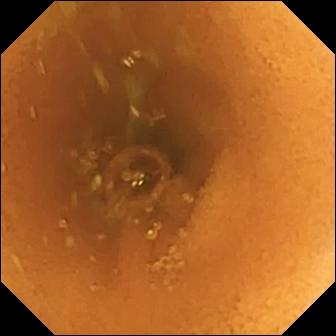WCE — normal clean mucosa.